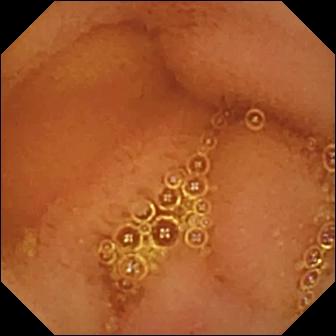{"modality": "video capsule endoscopy", "segment": "small bowel", "finding": "normal clean mucosa"}